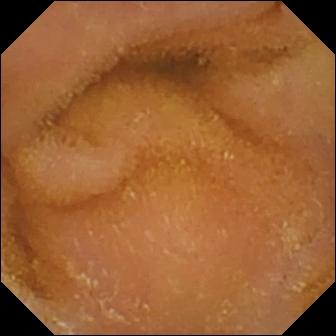Small-bowel capsule endoscopy — normal clean mucosa.